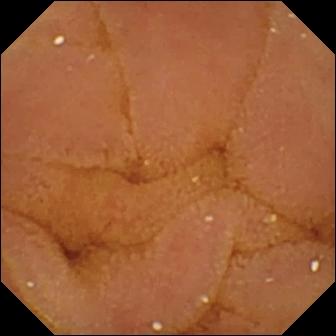{"modality": "wireless capsule endoscopy", "segment": "small bowel", "finding": "normal clean mucosa"}